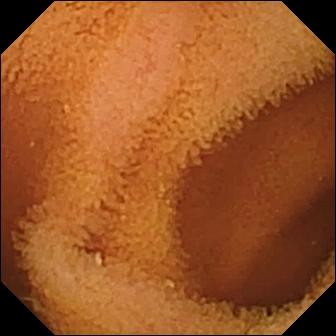WCE still of the small bowel showing normal clean mucosa.